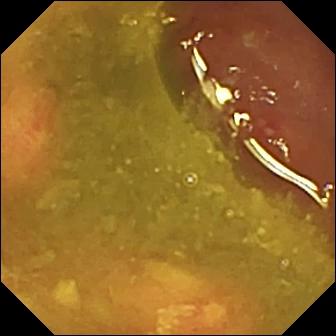- modality: video capsule endoscopy
- finding: ulcer